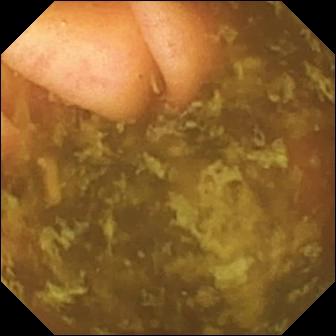Ileo-cecal valve region (the transition from the small bowel to the large bowel) — wireless capsule endoscopy view.